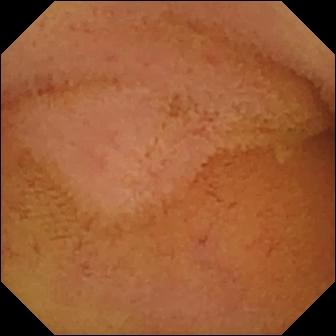{"modality": "small-bowel capsule endoscopy", "segment": "small intestine", "finding": "normal clean mucosa"}